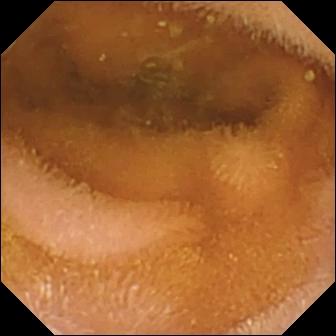Normal clean mucosa.